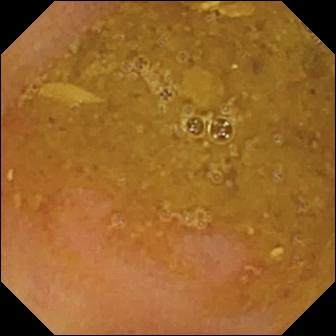Capsule endoscopy frame
Observation: reduced mucosal view (content or bubbles obscuring the mucosa)